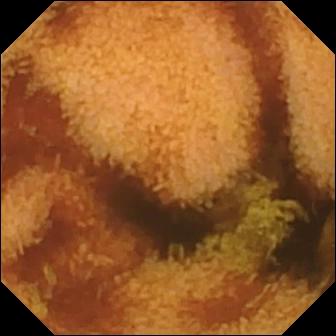VCE. Impression: normal clean mucosa.